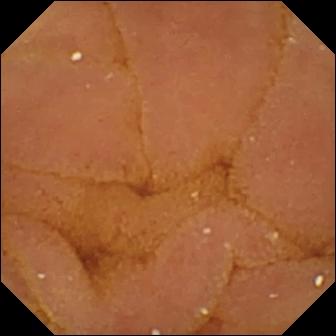Q: What does this VCE frame show?
A: Normal clean mucosa.